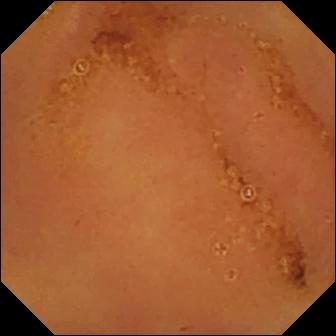{"modality": "wireless capsule endoscopy", "segment": "small bowel", "category": "luminal finding", "finding": "normal clean mucosa"}